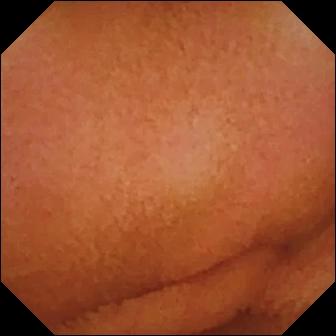PROCEDURE: Capsule endoscopy.
SEGMENT: Small bowel.
FINDINGS: Normal clean mucosa.